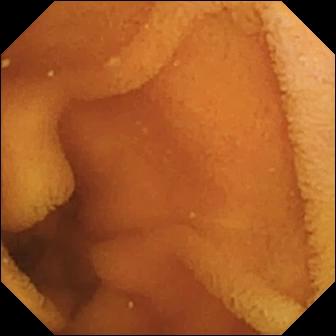This VCE still of the small bowel shows normal clean mucosa.